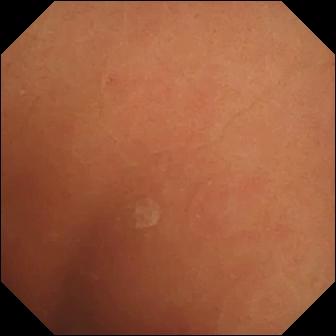WCE. Impression: normal clean mucosa.